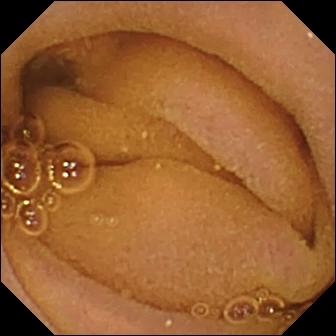Q: What does this VCE still show?
A: Normal clean mucosa.